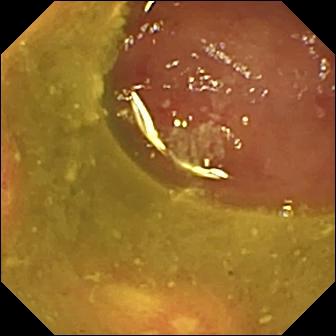Q: What does this video capsule endoscopy snapshot show?
A: Ulcer.